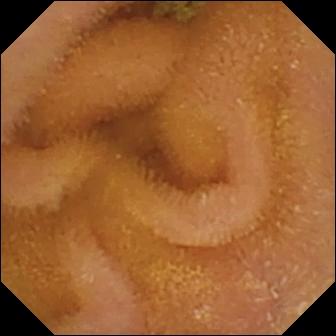WCE image. Normal clean mucosa.